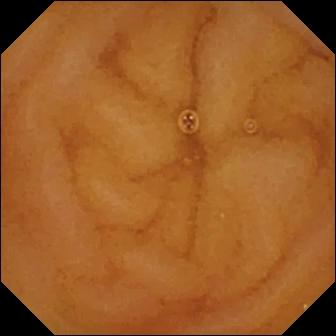{"modality": "capsule endoscopy", "finding": "normal clean mucosa"}